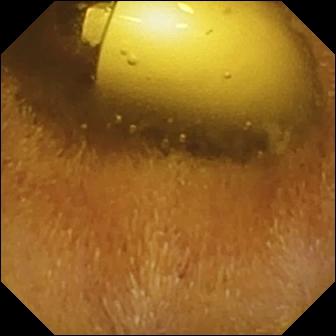WCE — foreign body (e.g. retained capsule, tablet residue).